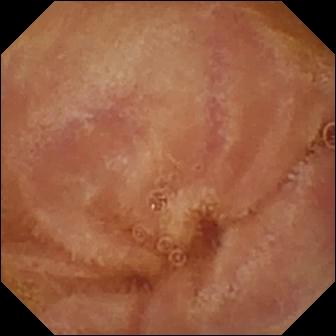Video capsule endoscopy snapshot, small bowel
Finding: normal clean mucosa